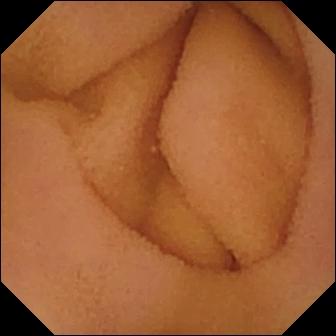Q: What does this video capsule endoscopy view show?
A: Normal clean mucosa.